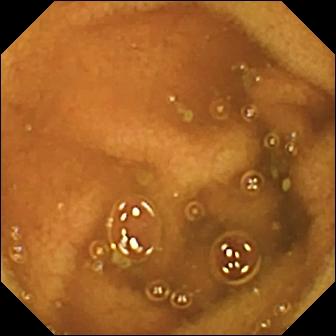Q: What does this capsule endoscopy still of the small intestine show?
A: Normal clean mucosa.